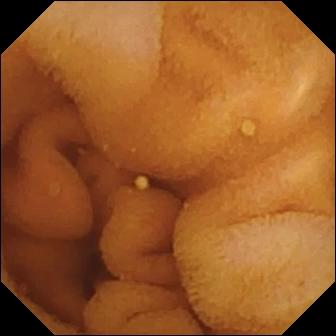WCE image, small intestine
Finding: normal clean mucosa